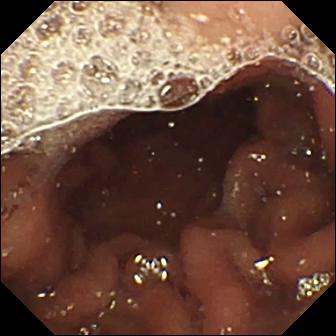Small-bowel capsule endoscopy snapshot. Taken in the pylorus region.